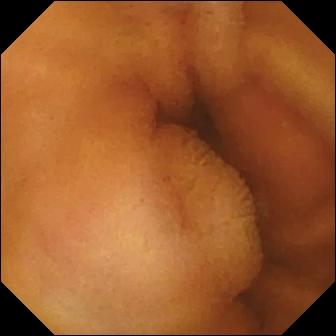This video capsule endoscopy still of the small intestine shows normal clean mucosa.